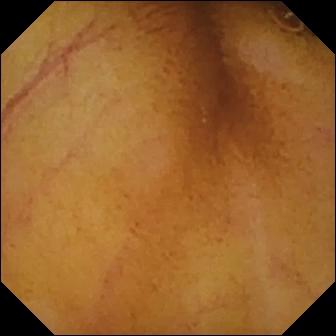Video capsule endoscopy image
Observation: normal clean mucosa